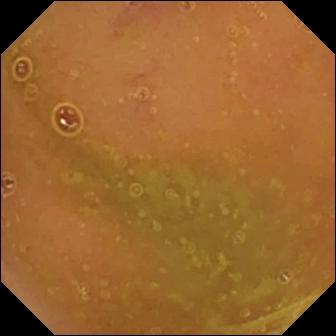Capsule endoscopy — normal clean mucosa.